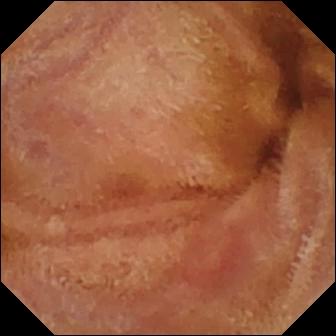This video capsule endoscopy snapshot shows normal clean mucosa.